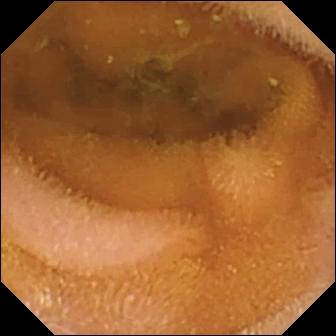This capsule endoscopy view shows normal clean mucosa.